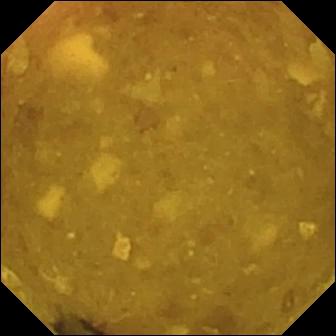Reduced mucosal view (content or bubbles obscuring the mucosa) — WCE snapshot of the small bowel.